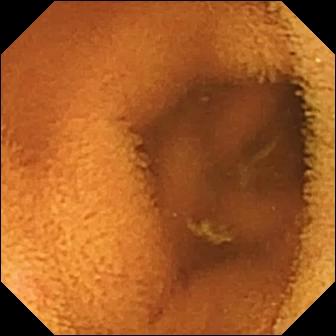Wireless capsule endoscopy snapshot showing normal clean mucosa.